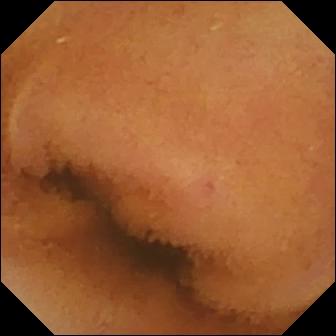- modality: wireless capsule endoscopy
- label: normal clean mucosa